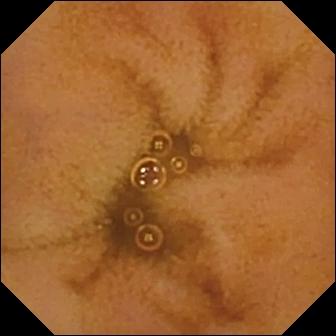Normal clean mucosa — WCE view.